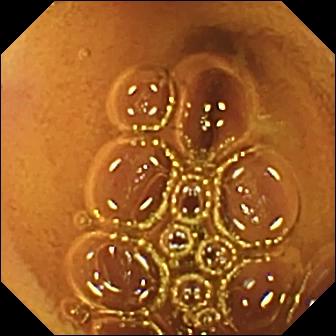Video capsule endoscopy view, 336×336. Normal clean mucosa.